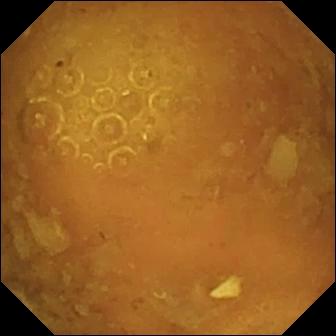Wireless capsule endoscopy. Luminal finding. Observation: reduced mucosal view (content or bubbles obscuring the mucosa).